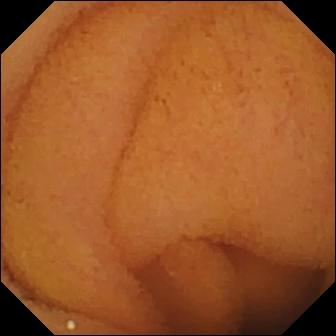VCE. Small intestine. Label: normal clean mucosa.